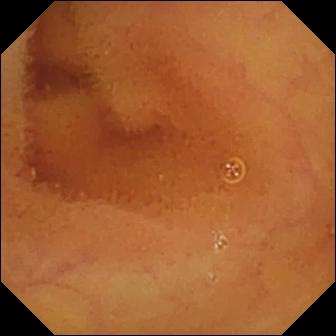VCE — normal clean mucosa.